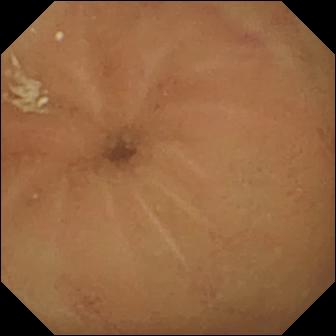Video capsule endoscopy — normal clean mucosa.